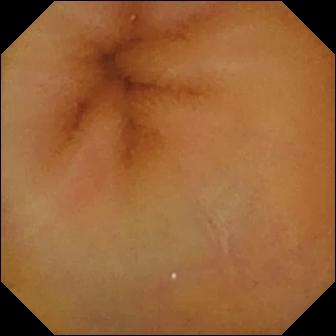VCE image. Normal clean mucosa.